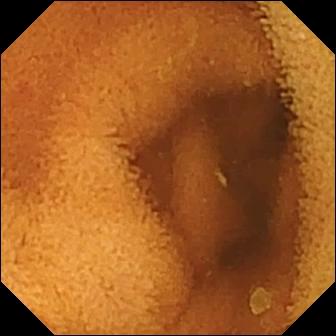VCE image (small intestine). Normal clean mucosa.